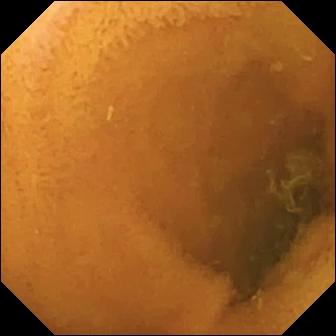Small-bowel capsule endoscopy — normal clean mucosa.